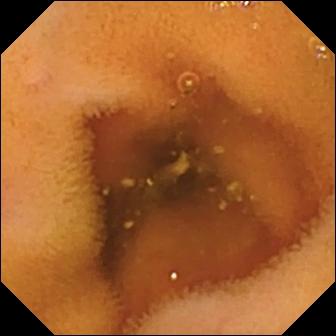PROCEDURE: Capsule endoscopy.
SEGMENT: Small bowel.
FINDINGS: Normal clean mucosa.